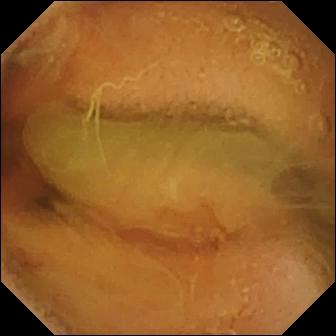modality: capsule endoscopy; observation: normal clean mucosa